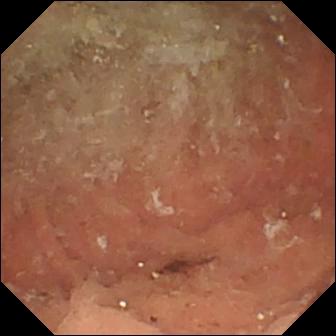- modality: video capsule endoscopy
- impression: angiectasia